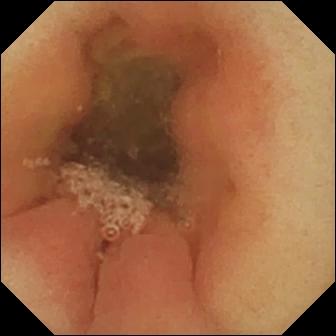Small-bowel capsule endoscopy — pylorus region (where the capsule passes from the stomach into the small bowel).